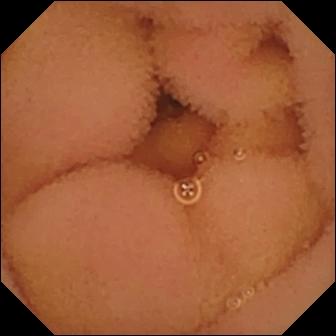This VCE view of the small intestine shows normal clean mucosa.